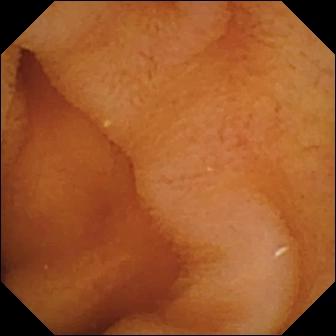This WCE view of the small bowel shows normal clean mucosa.